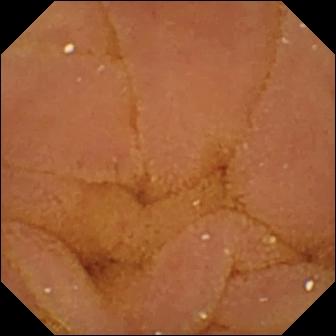modality: video capsule endoscopy; label: normal clean mucosa